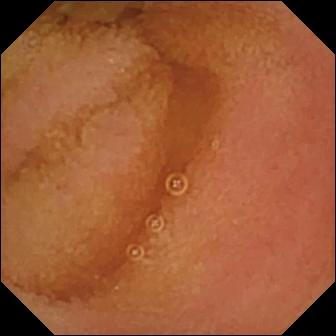Video capsule endoscopy — normal clean mucosa.